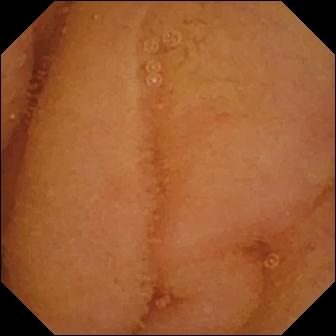Normal clean mucosa.